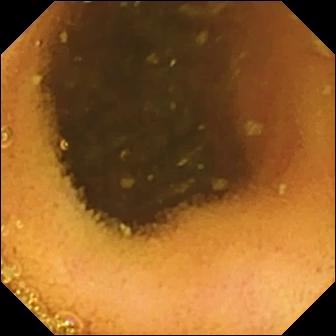VCE. Finding: normal clean mucosa.